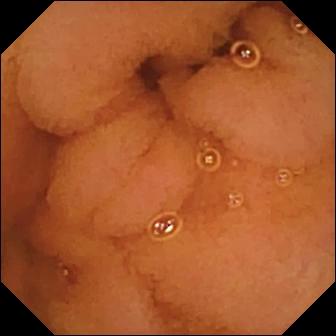Wireless capsule endoscopy image
Finding: normal clean mucosa